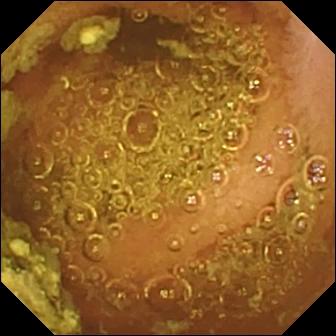Small-bowel capsule endoscopy. Finding: normal clean mucosa.